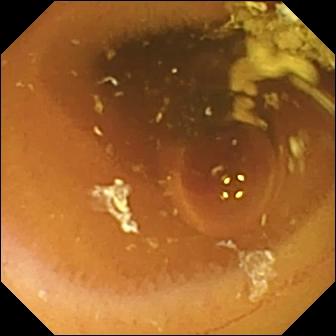Normal clean mucosa.